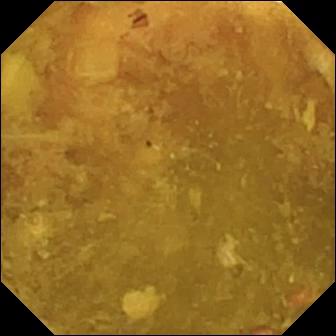Reduced mucosal view (content or bubbles obscuring the mucosa).